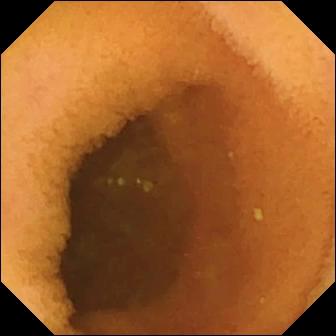This video capsule endoscopy view shows normal clean mucosa.